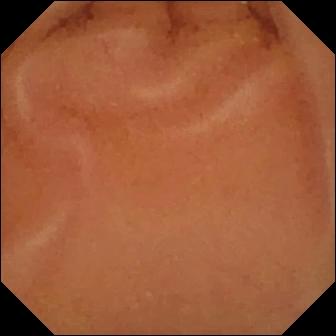Normal clean mucosa — video capsule endoscopy image.